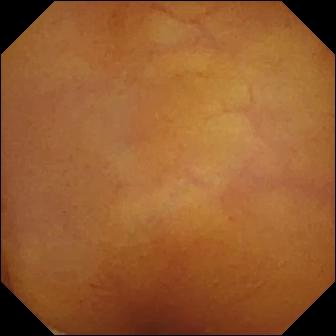WCE snapshot showing normal clean mucosa.